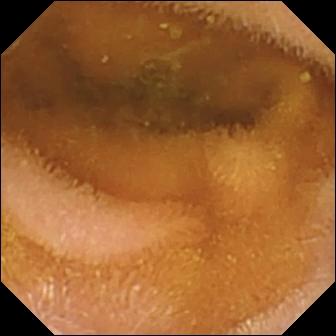Normal clean mucosa — wireless capsule endoscopy image of the small bowel.